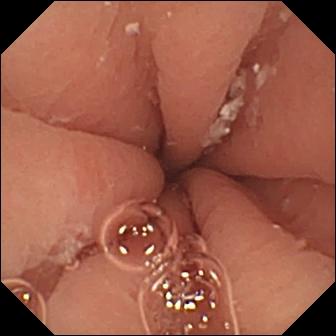VCE view. Taken in the pylorus region (where the capsule passes from the stomach into the small bowel).